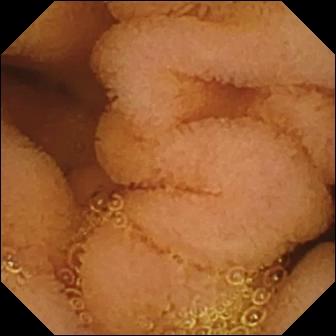Normal clean mucosa — capsule endoscopy view of the small bowel.